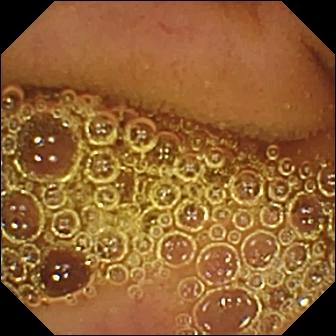Video capsule endoscopy — normal clean mucosa.